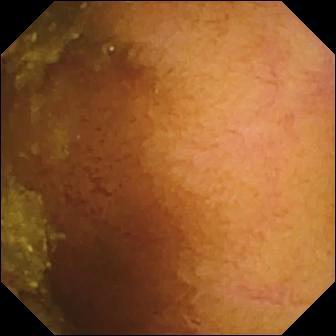Capsule endoscopy image of the small intestine showing normal clean mucosa.